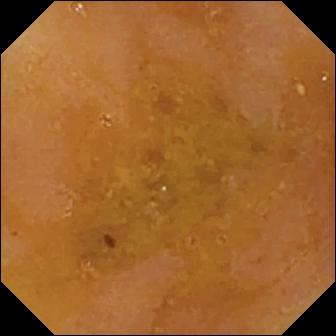PROCEDURE: Video capsule endoscopy.
SEGMENT: Small bowel.
FINDINGS: Reduced mucosal view (content or bubbles obscuring the mucosa).